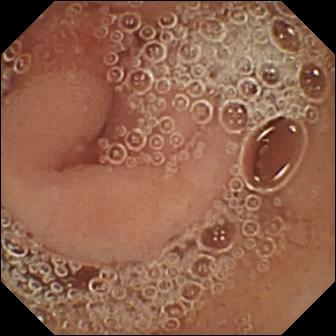- modality: wireless capsule endoscopy
- label: pylorus region (where the capsule passes from the stomach into the small bowel)